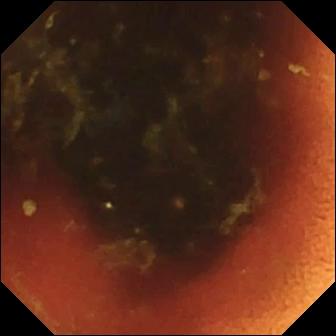PROCEDURE: Wireless capsule endoscopy.
POSITION: Ileo-cecal valve region (the transition from the small bowel to the large bowel).